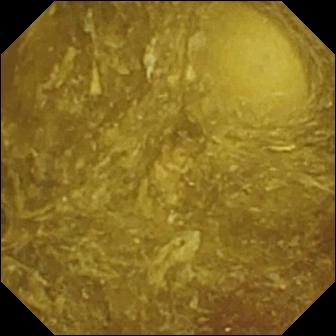Small-bowel capsule endoscopy still of the small intestine showing reduced mucosal view (content or bubbles obscuring the mucosa).